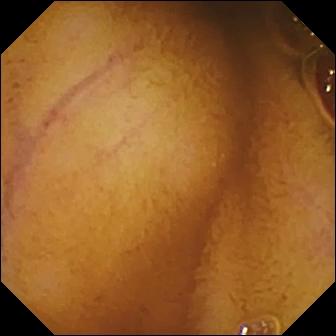PROCEDURE: Wireless capsule endoscopy.
SEGMENT: Small bowel.
FINDINGS: Normal clean mucosa.